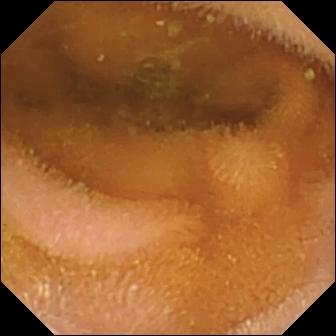Normal clean mucosa — capsule endoscopy image of the small intestine.